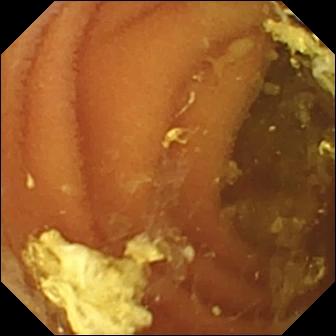WCE — normal clean mucosa.